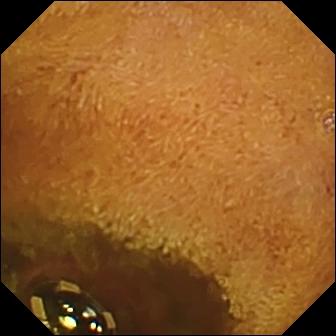Foreign body (e.g. retained capsule, tablet residue).